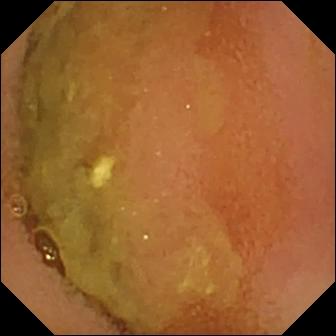WCE. Luminal finding. Label: normal clean mucosa.